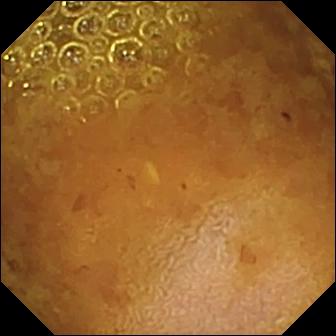{"modality": "VCE", "segment": "small intestine", "category": "luminal finding", "finding": "reduced mucosal view (content or bubbles obscuring the mucosa)"}